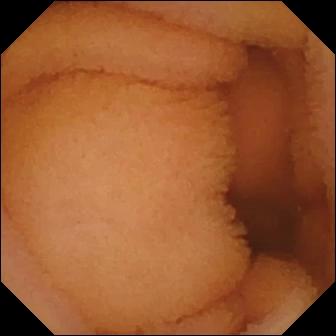Q: What does this video capsule endoscopy image show?
A: Normal clean mucosa.